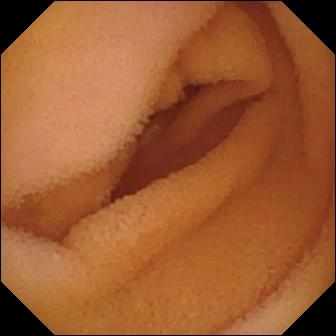WCE — normal clean mucosa.